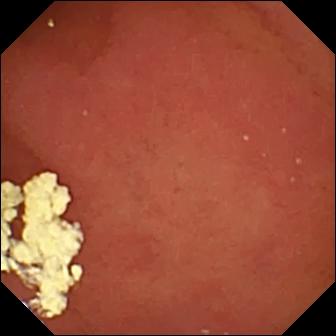- modality: WCE
- category: anatomical landmark
- position: pylorus region